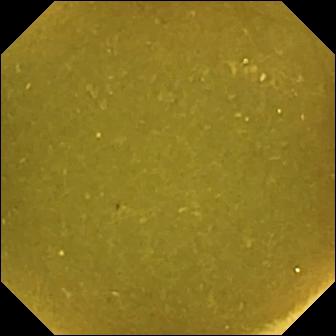modality: capsule endoscopy; video segment: ileo-cecal valve region (the transition from the small bowel to the large bowel)